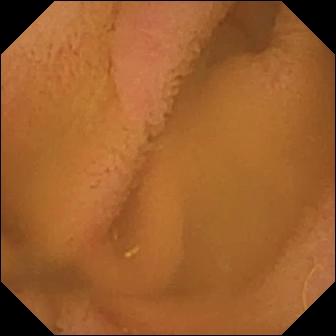Normal clean mucosa.